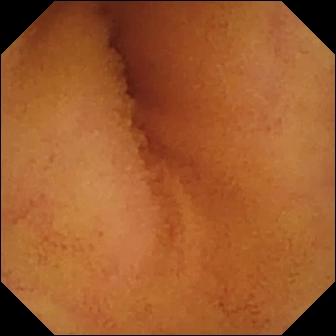{"modality": "wireless capsule endoscopy", "finding": "normal clean mucosa"}